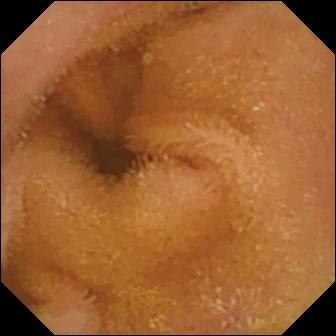PROCEDURE: Video capsule endoscopy.
FINDINGS: Normal clean mucosa.